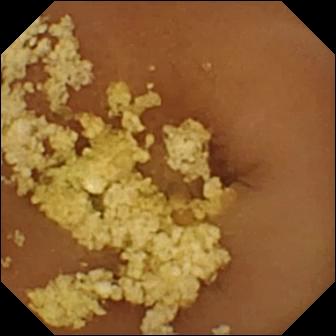Normal clean mucosa — small-bowel capsule endoscopy snapshot of the small intestine.